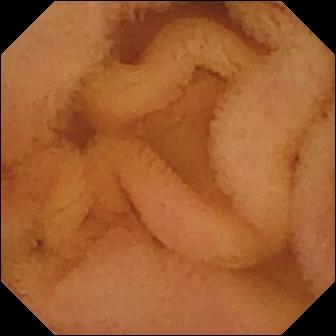- modality: small-bowel capsule endoscopy
- impression: normal clean mucosa